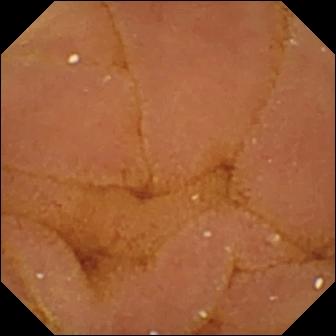Capsule endoscopy image
Finding: normal clean mucosa